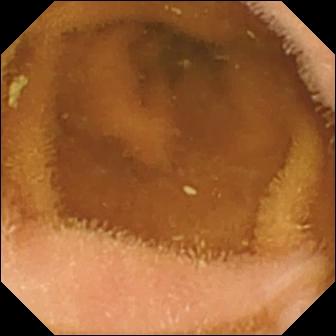- modality: wireless capsule endoscopy
- segment: small bowel
- category: luminal finding
- label: normal clean mucosa